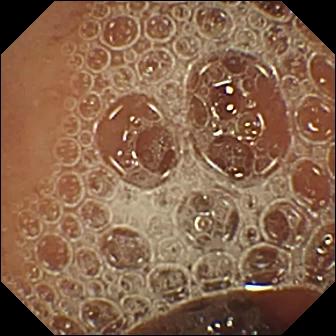modality: capsule endoscopy
label: normal clean mucosa